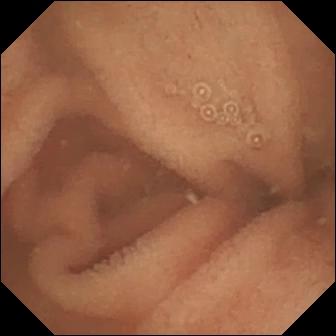Normal clean mucosa — WCE snapshot.